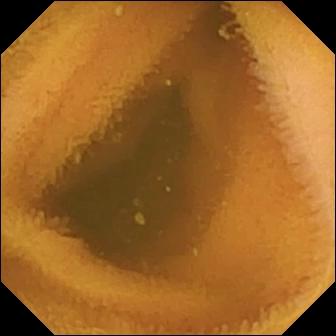modality: wireless capsule endoscopy | segment: small bowel | finding: normal clean mucosa